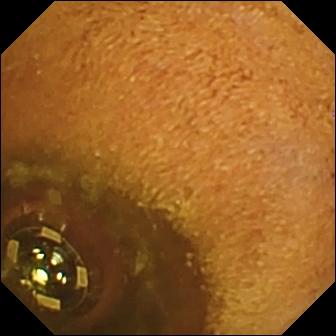{"modality": "wireless capsule endoscopy", "finding": "foreign body (e.g. retained capsule, tablet residue)"}